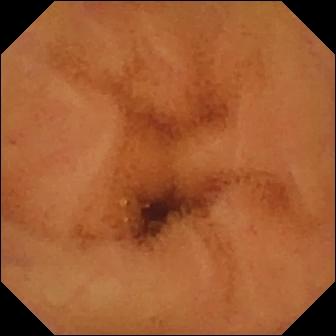Normal clean mucosa — VCE frame of the small intestine.